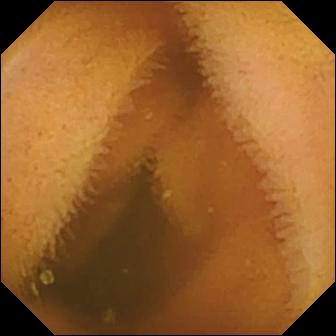PROCEDURE: Video capsule endoscopy.
FINDINGS: Normal clean mucosa.